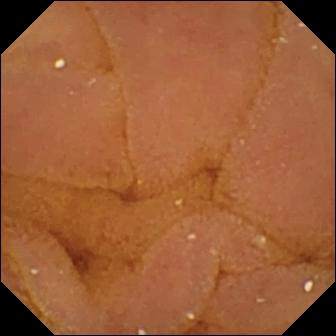Normal clean mucosa — VCE image.